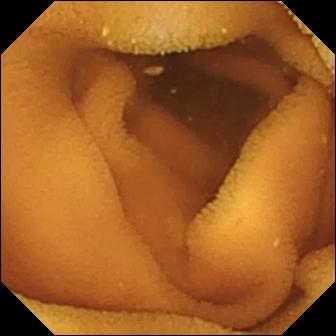Normal clean mucosa — VCE view.